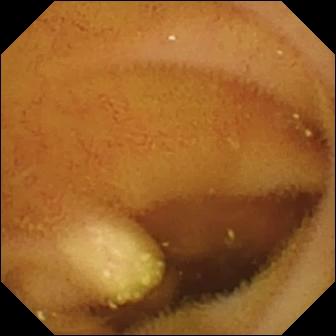Small-bowel capsule endoscopy image showing lymphangiectasia.